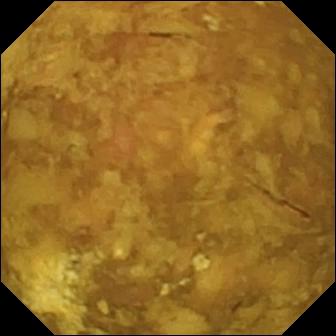VCE snapshot showing reduced mucosal view (content or bubbles obscuring the mucosa).